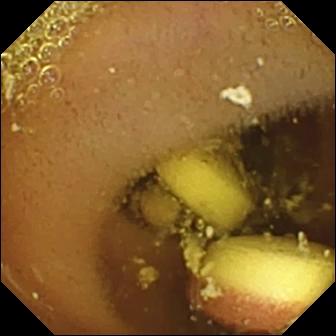This WCE still shows foreign body (e.g. retained capsule, tablet residue).